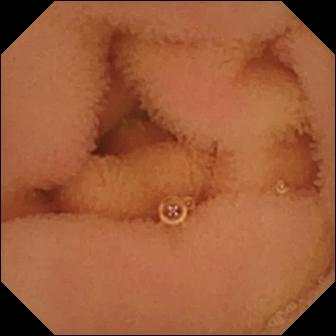{"modality": "WCE", "segment": "small intestine", "finding": "normal clean mucosa"}